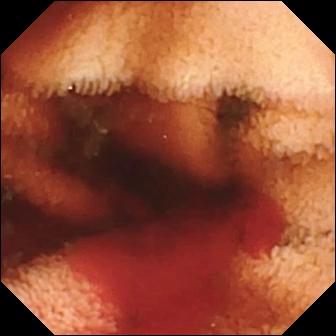WCE. Impression: fresh blood in the lumen.